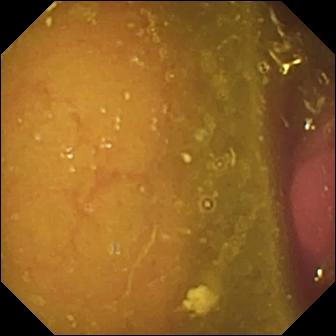- modality: video capsule endoscopy
- impression: reduced mucosal view (content or bubbles obscuring the mucosa)